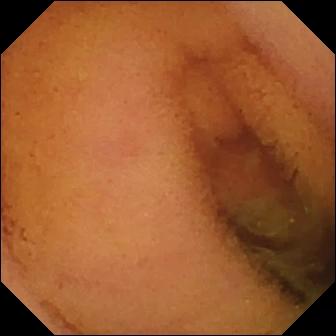WCE — normal clean mucosa.